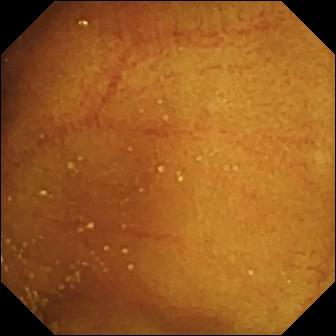This video capsule endoscopy image was taken in the ileo-cecal valve region (the transition from the small bowel to the large bowel).